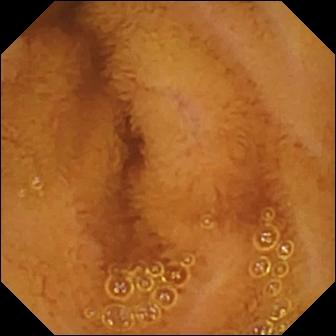WCE — normal clean mucosa.